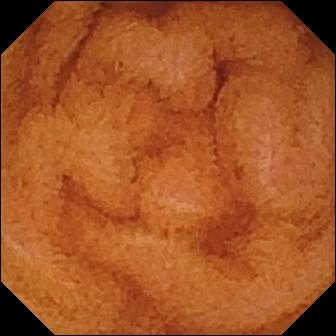Wireless capsule endoscopy. Observation: normal clean mucosa.